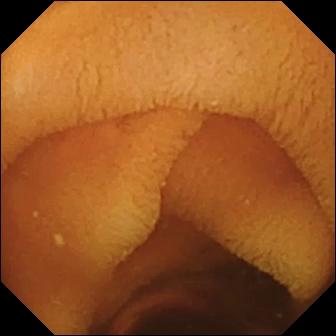Video capsule endoscopy — normal clean mucosa.